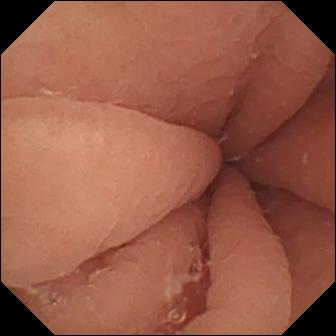Pylorus region.